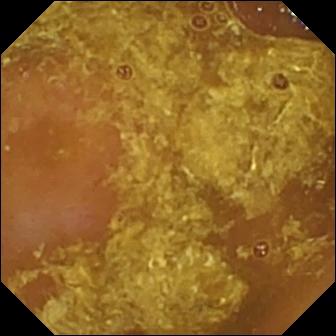Q: What does this VCE image show?
A: Reduced mucosal view (content or bubbles obscuring the mucosa).